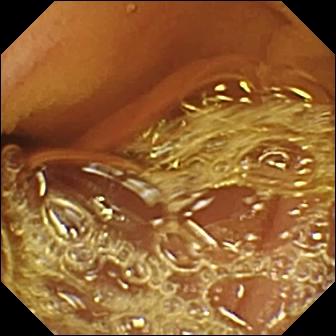Video capsule endoscopy view. Normal clean mucosa.